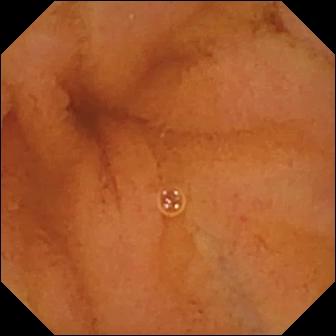This video capsule endoscopy view shows normal clean mucosa.